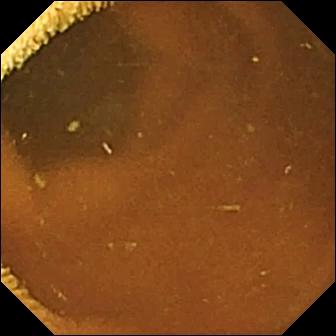Capsule endoscopy frame. Normal clean mucosa.